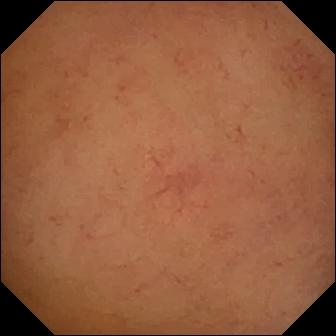Normal clean mucosa (336×336).